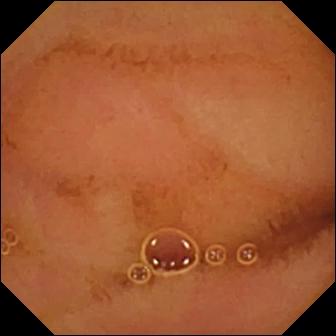Normal clean mucosa.